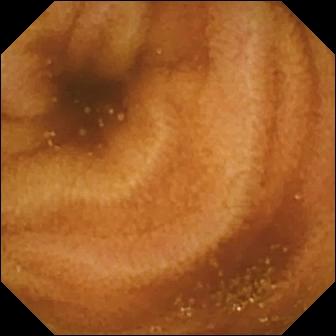Q: What does this capsule endoscopy snapshot of the small bowel show?
A: Normal clean mucosa.